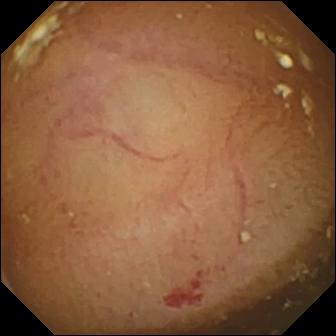Q: What does this VCE still show?
A: Angiectasia.